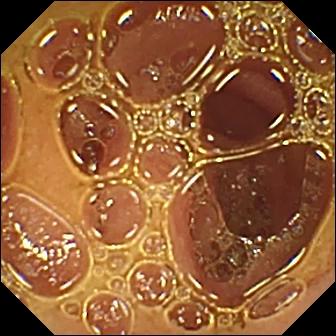Wireless capsule endoscopy. Small bowel. Label: normal clean mucosa.